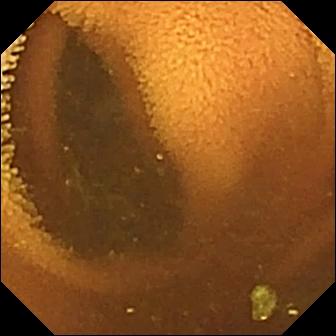Normal clean mucosa.